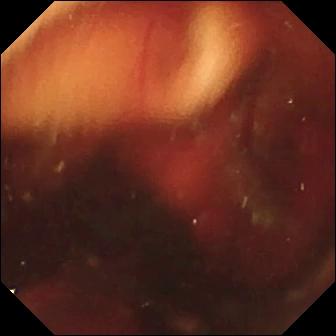Q: What does this WCE frame show?
A: Fresh blood in the lumen.